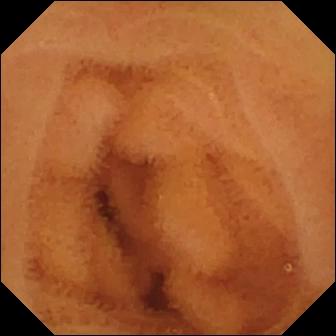Normal clean mucosa — VCE frame of the small intestine.